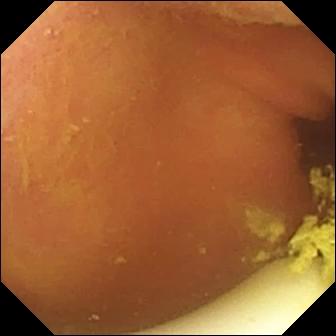{"modality": "wireless capsule endoscopy", "category": "luminal finding", "finding": "foreign body (e.g. retained capsule, tablet residue)"}